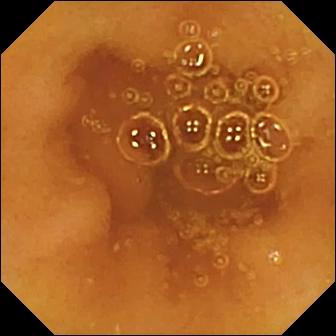Normal clean mucosa (336×336).